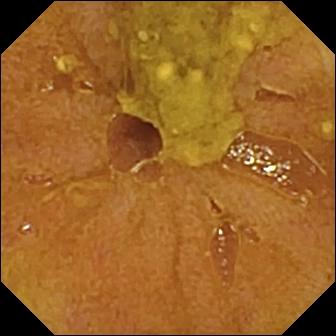Q: Where in the digestive tract was this VCE frame taken?
A: Ileo-cecal valve region (where the capsule passes from the small bowel into the large bowel).